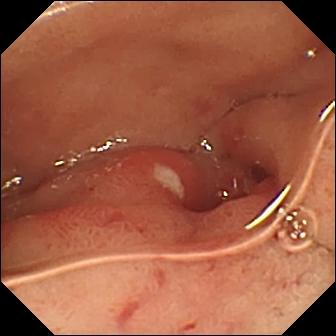modality: video capsule endoscopy | impression: ulcer